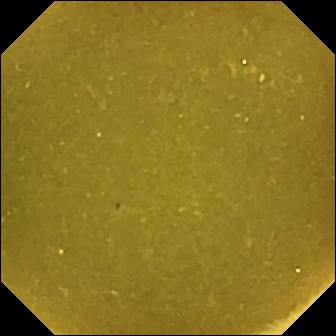Ileo-cecal valve region — capsule endoscopy frame.